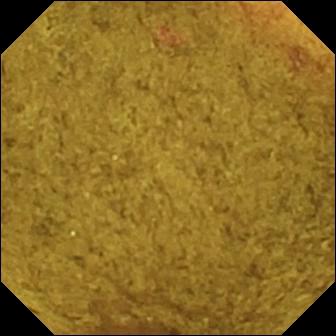Q: Where in the digestive tract was this video capsule endoscopy snapshot taken?
A: Ileo-cecal valve region (the transition from the small bowel to the large bowel).